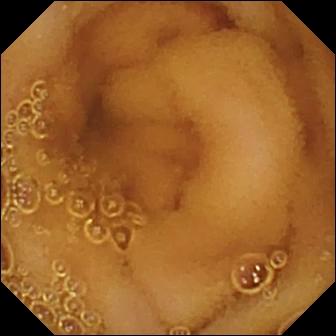- modality: WCE
- segment: small intestine
- category: luminal finding
- observation: normal clean mucosa